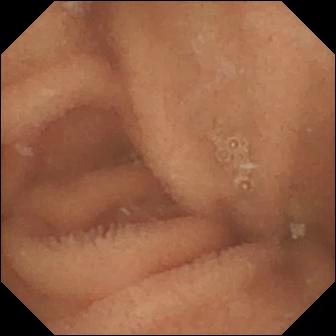Video capsule endoscopy snapshot, small bowel
Label: normal clean mucosa